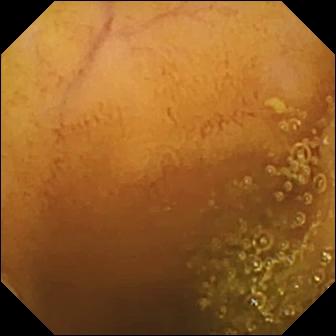- modality: small-bowel capsule endoscopy
- segment: small bowel
- label: normal clean mucosa